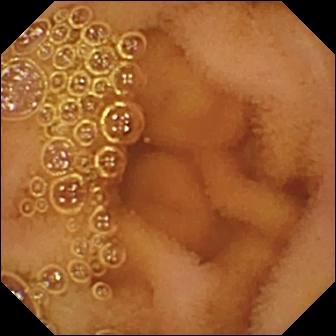VCE snapshot, small bowel
Impression: normal clean mucosa